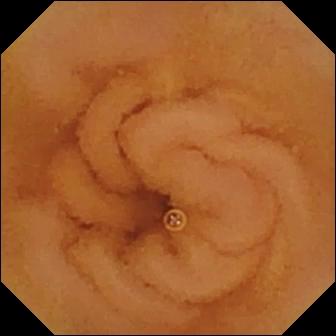modality: capsule endoscopy
finding: normal clean mucosa